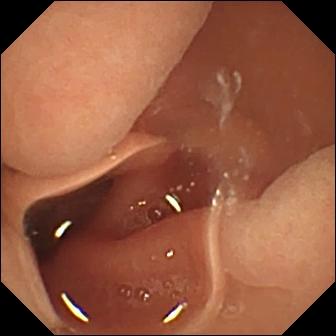- modality: wireless capsule endoscopy
- category: luminal finding
- finding: normal clean mucosa